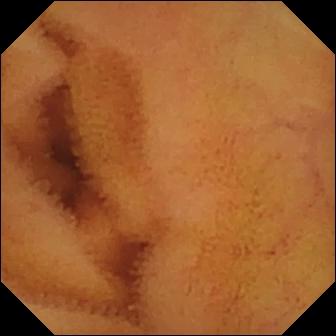This small-bowel capsule endoscopy snapshot shows normal clean mucosa.